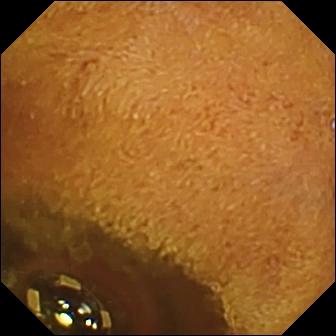- modality: video capsule endoscopy
- category: luminal finding
- label: foreign body (e.g. retained capsule, tablet residue)